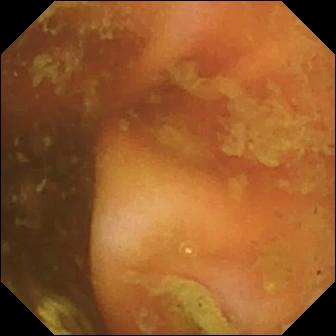{"modality": "wireless capsule endoscopy", "category": "anatomical landmark", "video_segment": "ileo-cecal valve region"}